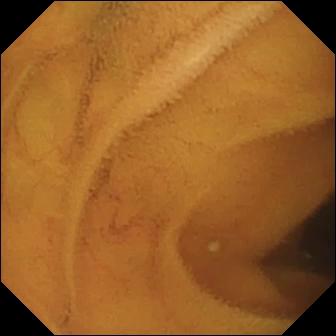Video capsule endoscopy frame showing normal clean mucosa.